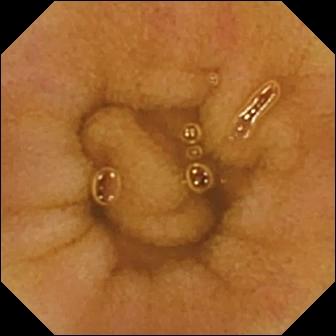modality: small-bowel capsule endoscopy | impression: normal clean mucosa